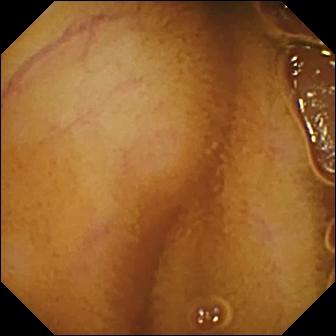Capsule endoscopy image, small intestine
Impression: normal clean mucosa